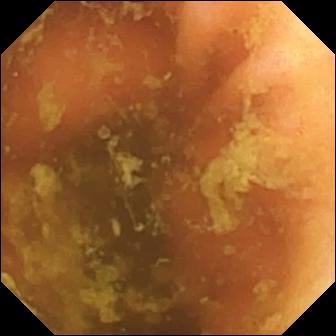modality: video capsule endoscopy | position: ileo-cecal valve region